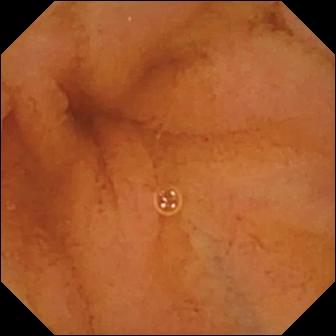VCE — normal clean mucosa.